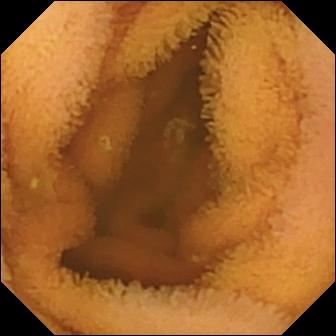Small-bowel capsule endoscopy frame (small bowel). Normal clean mucosa.